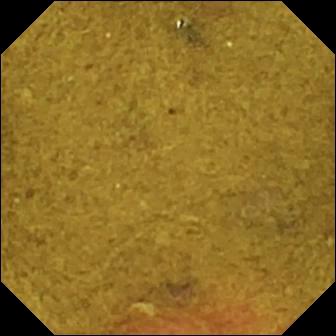{"modality": "wireless capsule endoscopy", "video_segment": "ileo-cecal valve region (the transition from the small bowel to the large bowel)"}